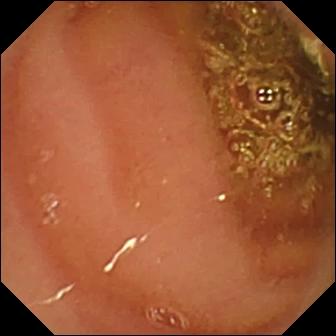Capsule endoscopy snapshot showing normal clean mucosa.